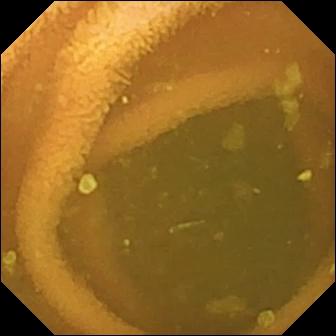Wireless capsule endoscopy. Impression: normal clean mucosa.